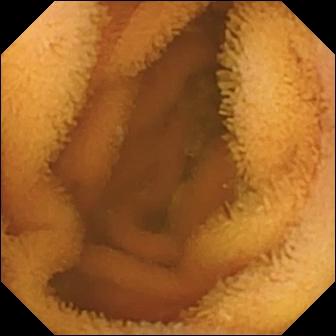Video capsule endoscopy frame
Impression: normal clean mucosa